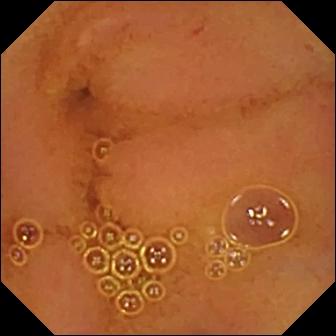VCE frame showing normal clean mucosa.